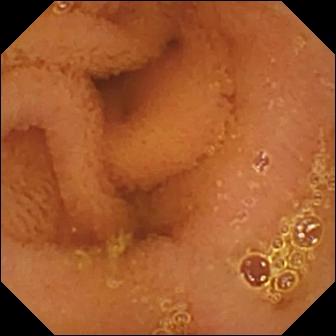modality: wireless capsule endoscopy; category: luminal finding; label: normal clean mucosa